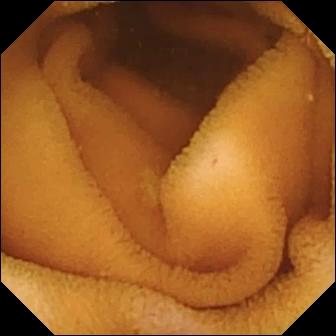Capsule endoscopy snapshot
Impression: normal clean mucosa